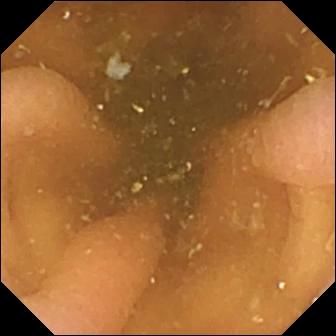WCE snapshot
Location: pylorus region (the junction between the stomach and the small bowel)